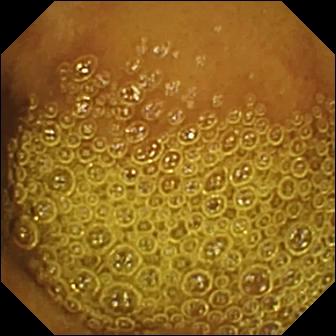modality: small-bowel capsule endoscopy; finding: normal clean mucosa